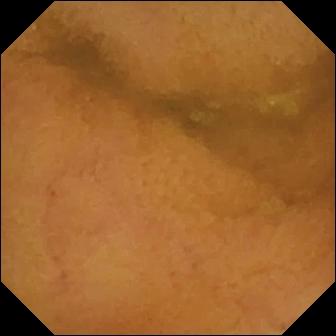- modality: wireless capsule endoscopy
- segment: small bowel
- finding: normal clean mucosa